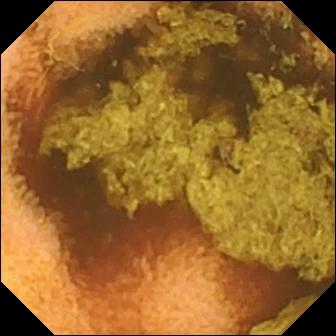Normal clean mucosa.